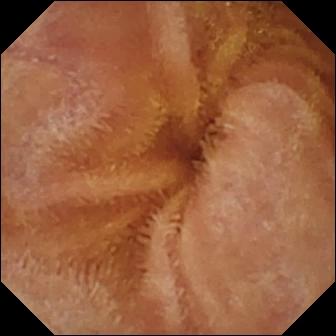Normal clean mucosa — VCE snapshot of the small bowel.